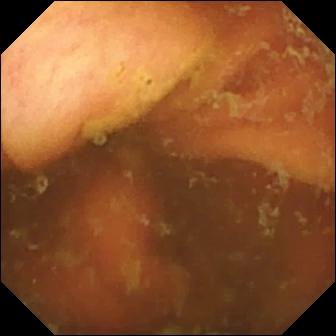PROCEDURE: Capsule endoscopy.
POSITION: Ileo-cecal valve region (the transition from the small bowel to the large bowel).